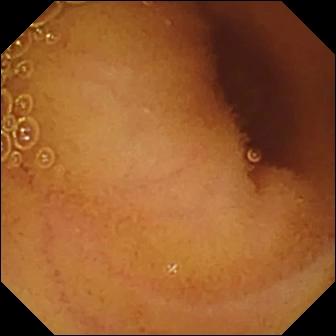WCE frame
Impression: normal clean mucosa